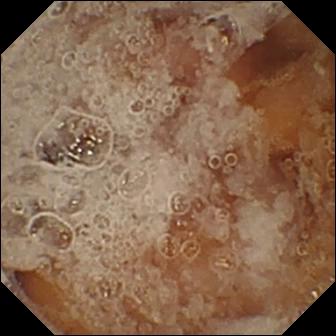modality: WCE; category: anatomical landmark; video segment: pylorus region